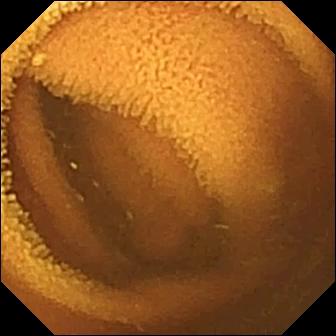This capsule endoscopy image of the small bowel shows normal clean mucosa.